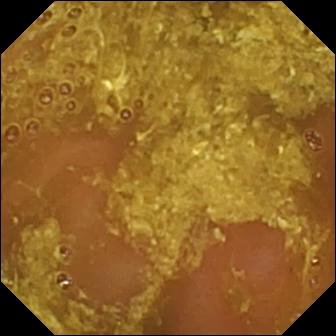{"modality": "VCE", "segment": "small bowel", "category": "luminal finding", "finding": "reduced mucosal view (content or bubbles obscuring the mucosa)"}